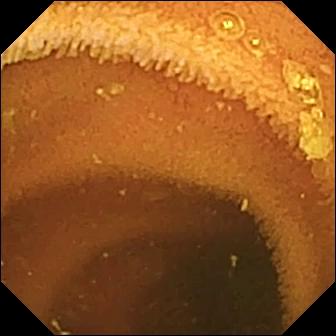Q: What does this video capsule endoscopy view of the small bowel show?
A: Normal clean mucosa.